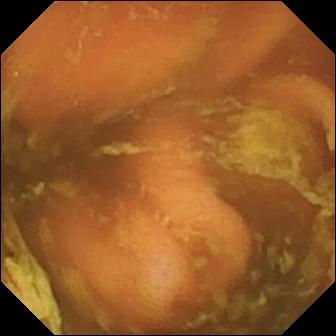Small-bowel capsule endoscopy snapshot taken in the ileo-cecal valve region.